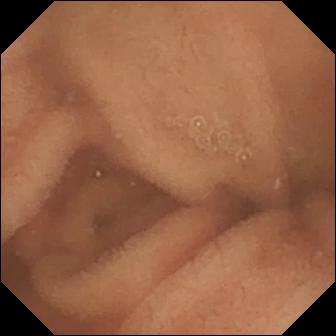WCE still showing normal clean mucosa.